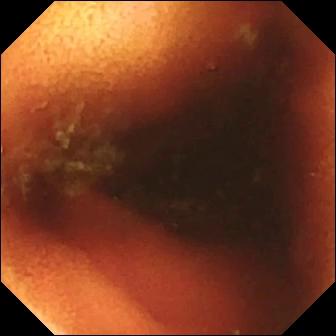{"modality": "small-bowel capsule endoscopy", "location": "ileo-cecal valve region"}